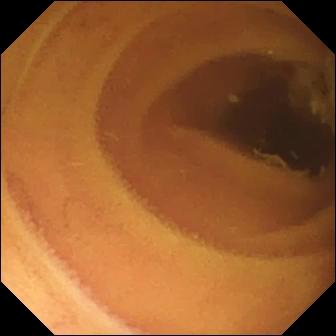Capsule endoscopy still
Impression: normal clean mucosa